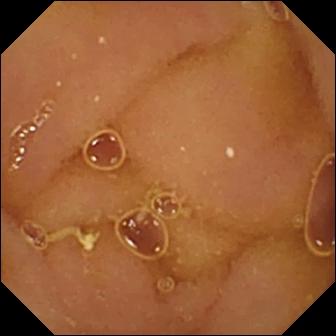Video capsule endoscopy view. Normal clean mucosa.